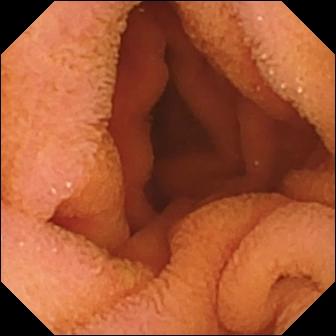PROCEDURE: Capsule endoscopy.
SEGMENT: Small bowel.
FINDINGS: Normal clean mucosa.